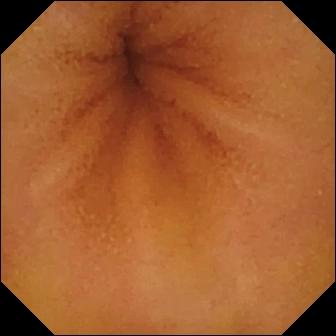modality: VCE | category: luminal finding | finding: normal clean mucosa